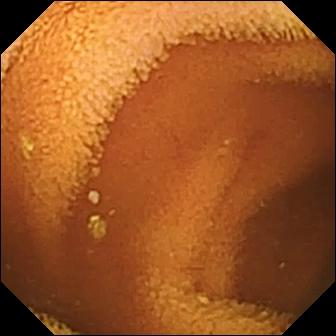modality: wireless capsule endoscopy; segment: small intestine; impression: normal clean mucosa